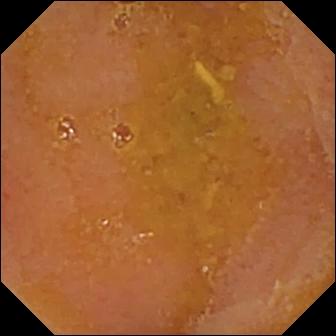Small-bowel capsule endoscopy. Impression: reduced mucosal view (content or bubbles obscuring the mucosa).